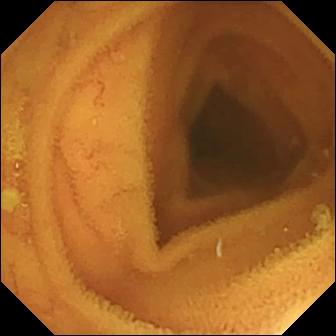Normal clean mucosa.